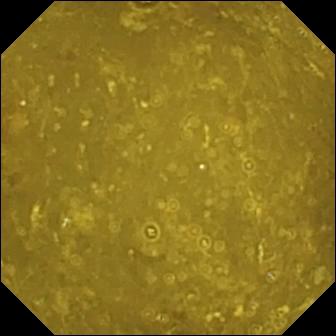Q: Where in the digestive tract was this wireless capsule endoscopy still taken?
A: Ileo-cecal valve region (the transition from the small bowel to the large bowel).